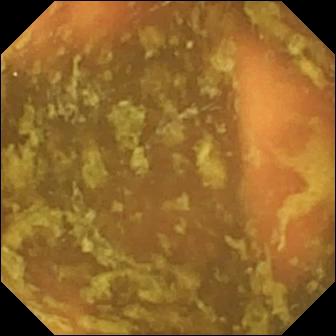This WCE frame was taken in the ileo-cecal valve region.